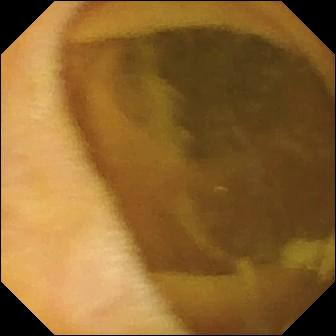Q: What does this capsule endoscopy image of the small intestine show?
A: Normal clean mucosa.